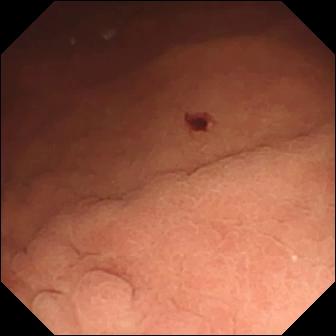Capsule endoscopy frame
Impression: angiectasia